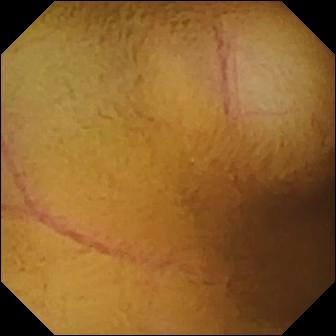Capsule endoscopy view (small bowel). Normal clean mucosa.